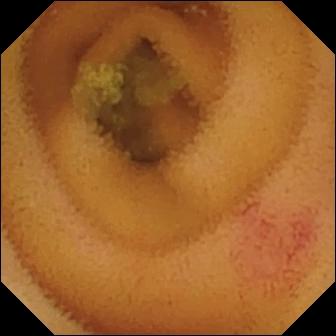Angiectasia — capsule endoscopy still.